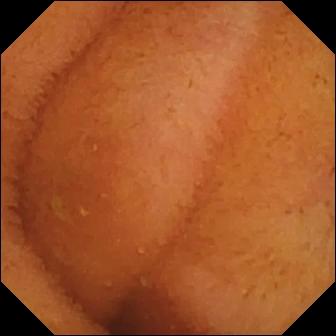modality: wireless capsule endoscopy
segment: small intestine
impression: normal clean mucosa